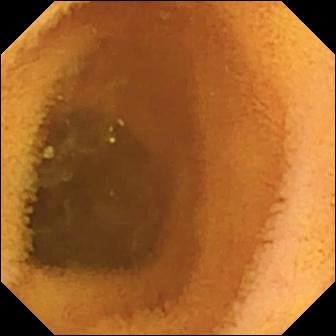Video capsule endoscopy. Small bowel. Label: normal clean mucosa.